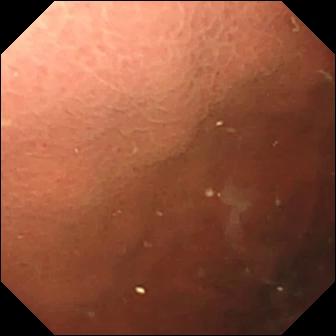Q: Where in the digestive tract was this video capsule endoscopy image taken?
A: Pylorus region.